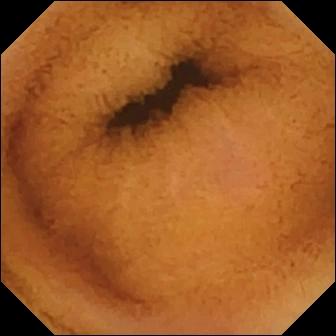modality: small-bowel capsule endoscopy | category: luminal finding | impression: normal clean mucosa